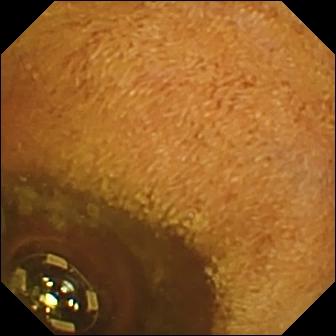VCE — foreign body (e.g. retained capsule, tablet residue).